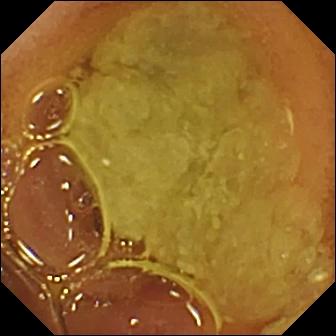Wireless capsule endoscopy view of the small intestine showing normal clean mucosa.